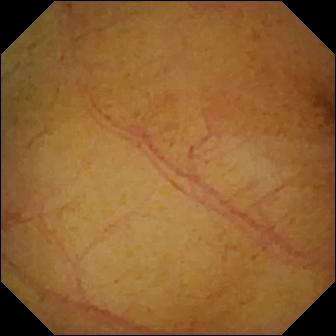This WCE still of the small intestine shows normal clean mucosa.